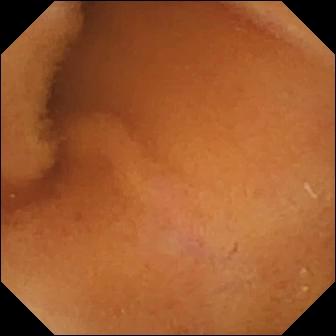Normal clean mucosa (336×336).